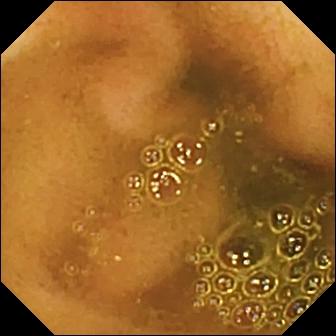Ileo-cecal valve region (where the capsule passes from the small bowel into the large bowel), 336×336.